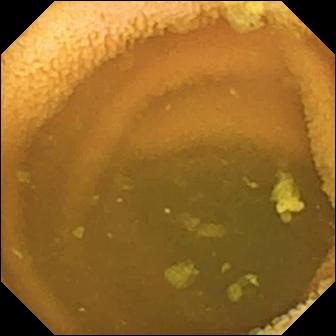This video capsule endoscopy still shows normal clean mucosa.